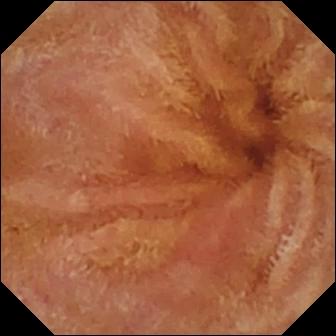Q: What does this video capsule endoscopy view show?
A: Normal clean mucosa.